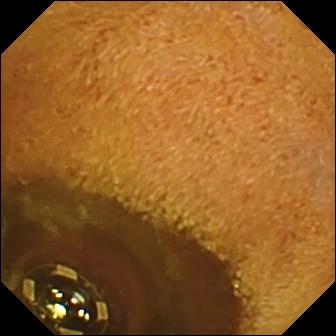modality: video capsule endoscopy | finding: foreign body (e.g. retained capsule, tablet residue)